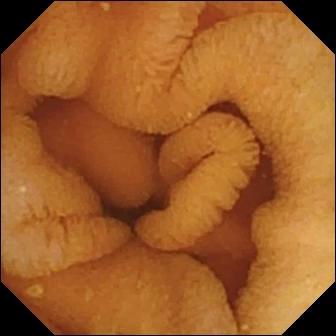WCE — normal clean mucosa.